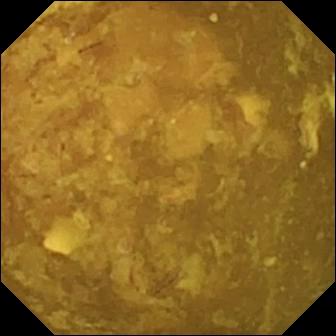Reduced mucosal view (content or bubbles obscuring the mucosa) — small-bowel capsule endoscopy snapshot of the small bowel.